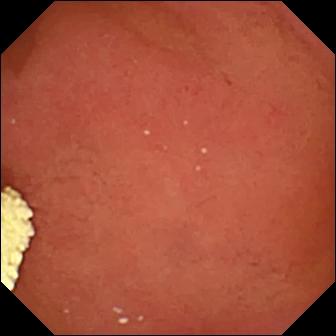PROCEDURE: Capsule endoscopy.
VIDEO SEGMENT: Pylorus region (where the capsule passes from the stomach into the small bowel).